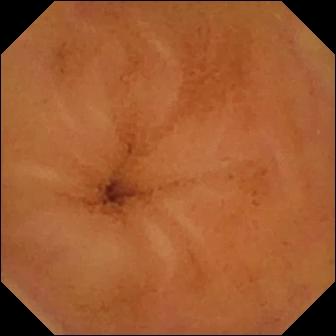Q: What does this small-bowel capsule endoscopy view of the small intestine show?
A: Normal clean mucosa.